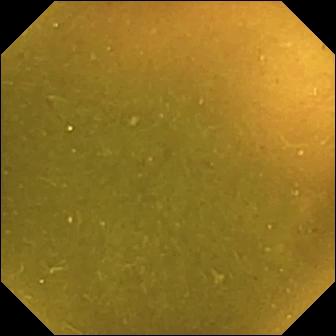This small-bowel capsule endoscopy snapshot was taken in the ileo-cecal valve region.